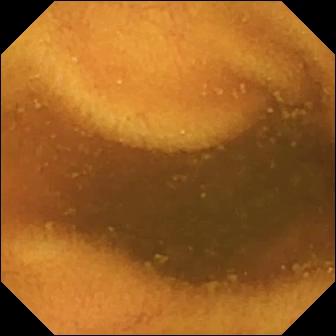Video capsule endoscopy still (small intestine). Normal clean mucosa.